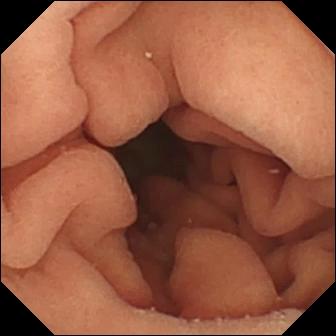PROCEDURE: Wireless capsule endoscopy.
LABEL: Pylorus region (where the capsule passes from the stomach into the small bowel).